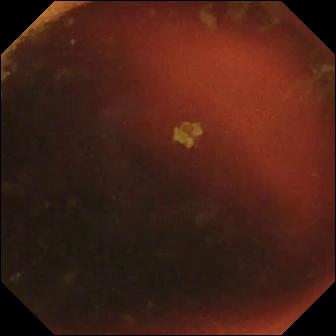VCE — ileo-cecal valve region (the transition from the small bowel to the large bowel).